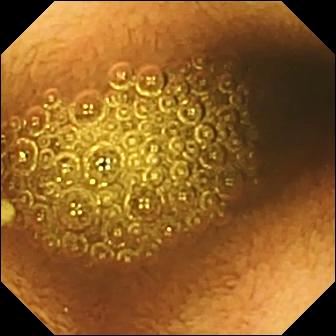modality: video capsule endoscopy | finding: reduced mucosal view (content or bubbles obscuring the mucosa)